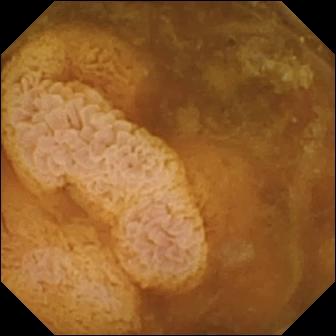WCE frame of the small bowel showing reduced mucosal view (content or bubbles obscuring the mucosa).